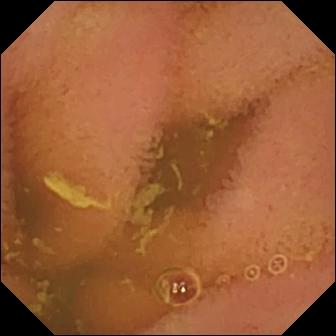- modality: VCE
- label: normal clean mucosa